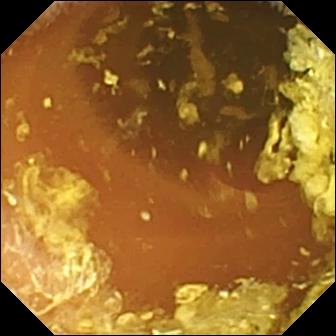This wireless capsule endoscopy image shows normal clean mucosa.